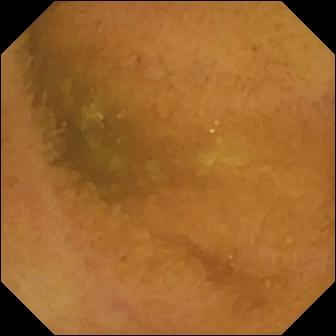- modality: video capsule endoscopy
- segment: small intestine
- category: luminal finding
- observation: normal clean mucosa